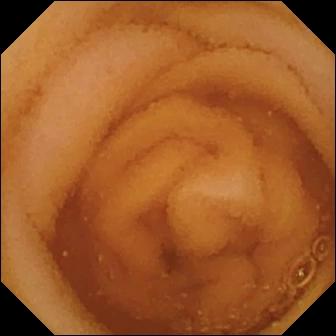Video capsule endoscopy. Small bowel. Luminal finding. Impression: normal clean mucosa.